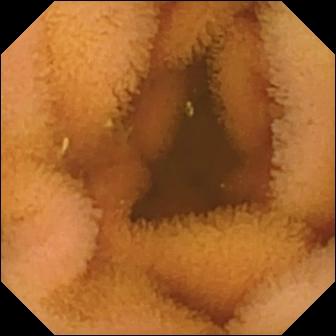Wireless capsule endoscopy — normal clean mucosa.